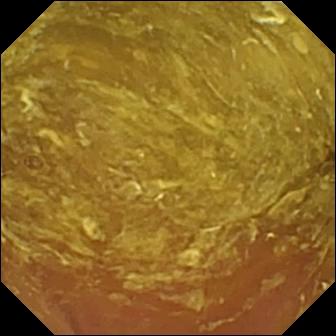Q: What does this capsule endoscopy frame of the small intestine show?
A: Reduced mucosal view (content or bubbles obscuring the mucosa).